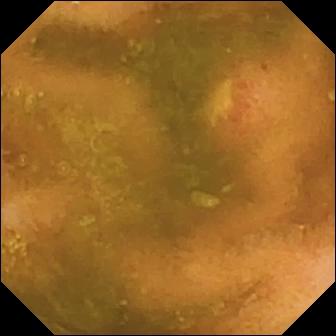Video capsule endoscopy still, 336×336. Ulcer.